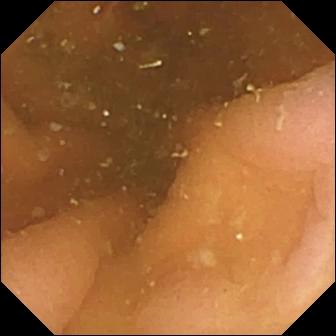Wireless capsule endoscopy frame taken in the pylorus region.